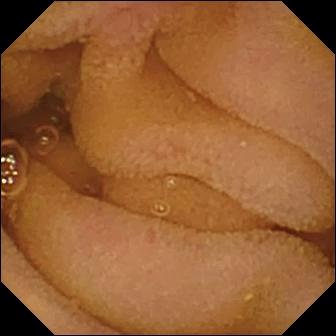Normal clean mucosa.